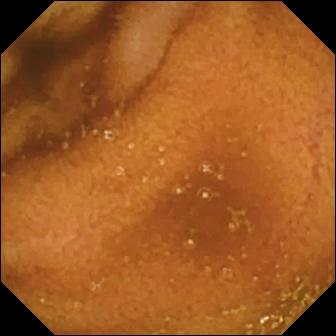Normal clean mucosa — small-bowel capsule endoscopy image of the small bowel.